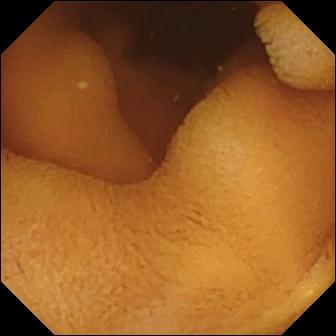PROCEDURE: WCE.
FINDINGS: Normal clean mucosa.